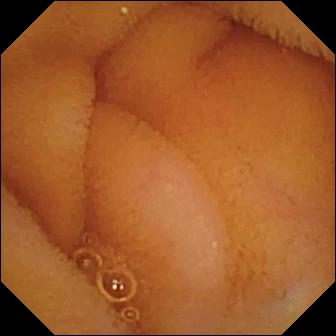Small-bowel capsule endoscopy. Small bowel. Label: normal clean mucosa.